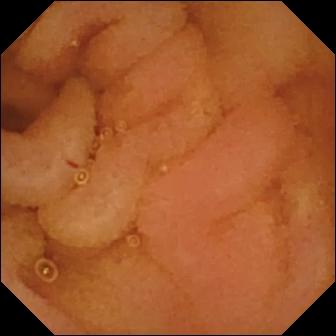Q: What does this VCE snapshot show?
A: Normal clean mucosa.